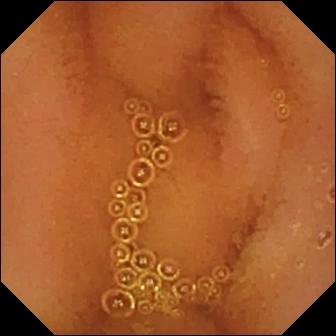Video capsule endoscopy — normal clean mucosa.